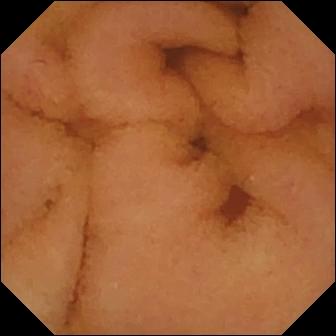This wireless capsule endoscopy image shows normal clean mucosa.